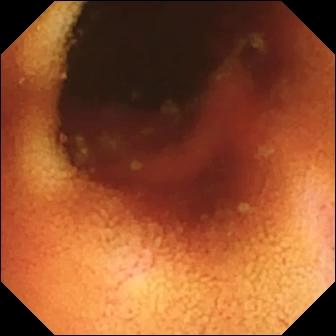This video capsule endoscopy snapshot was taken in the ileo-cecal valve region.